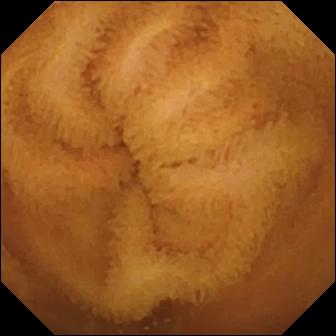Small-bowel capsule endoscopy snapshot showing normal clean mucosa.